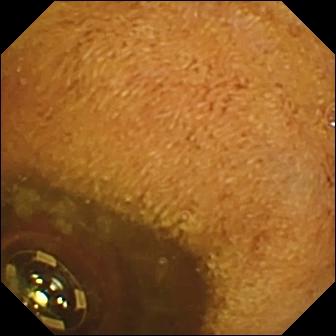modality: VCE; category: luminal finding; observation: foreign body (e.g. retained capsule, tablet residue)